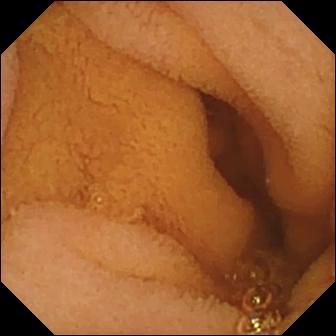{"modality": "video capsule endoscopy", "category": "luminal finding", "finding": "normal clean mucosa"}